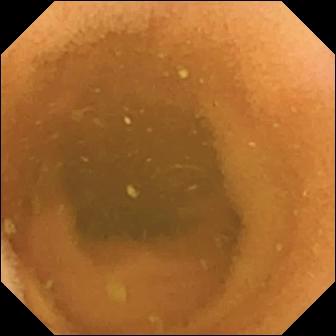- modality: video capsule endoscopy
- category: luminal finding
- finding: normal clean mucosa